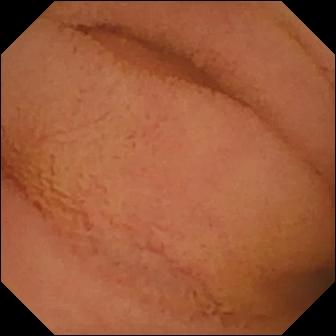modality: video capsule endoscopy; finding: normal clean mucosa